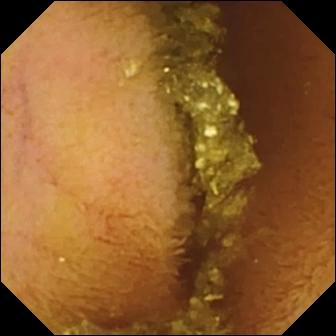Capsule endoscopy. Small bowel. Finding: normal clean mucosa.